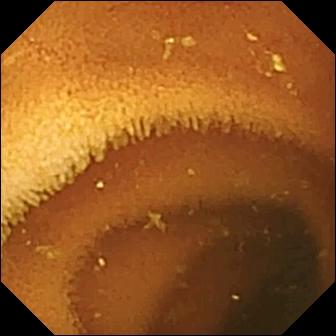Capsule endoscopy — normal clean mucosa.